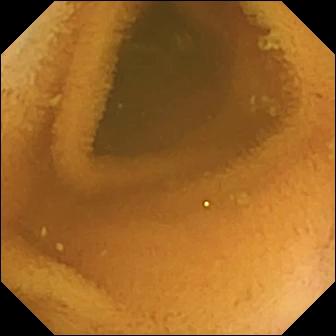VCE — normal clean mucosa.